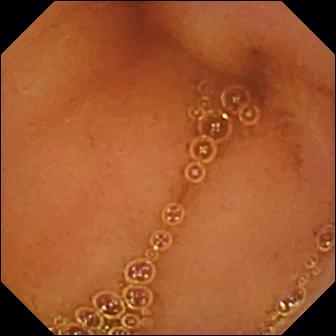WCE — normal clean mucosa.